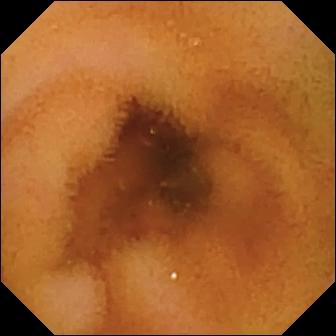Q: What does this video capsule endoscopy image show?
A: Normal clean mucosa.